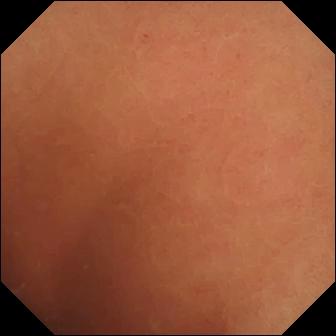WCE image showing normal clean mucosa.